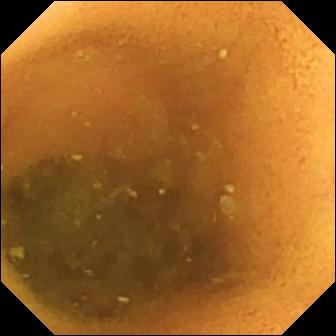- modality: video capsule endoscopy
- category: luminal finding
- impression: normal clean mucosa